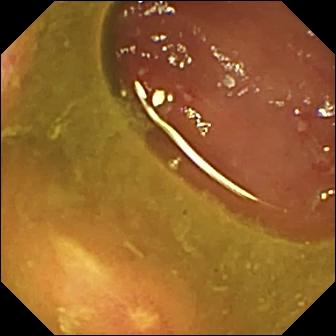modality: VCE
label: ulcer